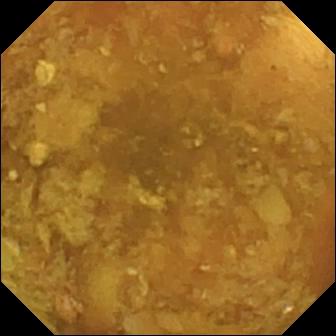WCE view, small intestine
Label: reduced mucosal view (content or bubbles obscuring the mucosa)